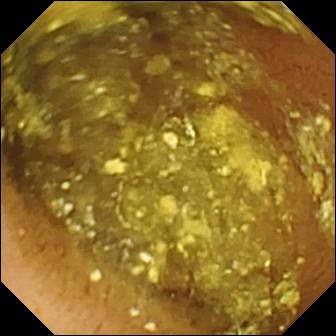- modality: small-bowel capsule endoscopy
- segment: small intestine
- category: luminal finding
- label: normal clean mucosa